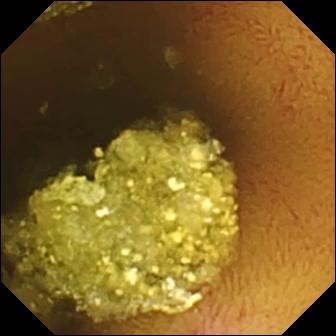Capsule endoscopy still (small bowel). Normal clean mucosa.